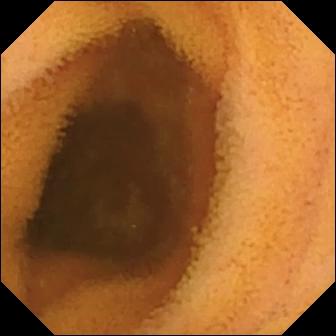This video capsule endoscopy snapshot of the small intestine shows normal clean mucosa.